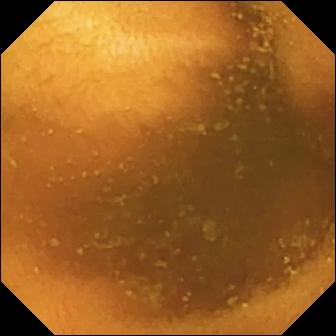Normal clean mucosa — VCE still.